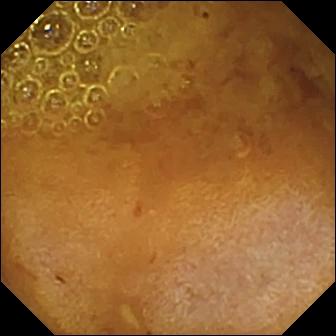Q: What does this video capsule endoscopy view show?
A: Reduced mucosal view (content or bubbles obscuring the mucosa).